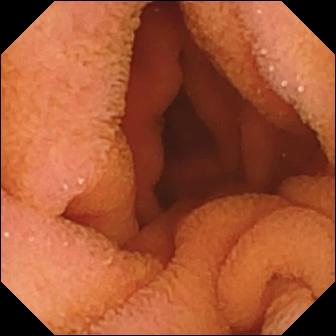Q: What does this small-bowel capsule endoscopy image show?
A: Normal clean mucosa.